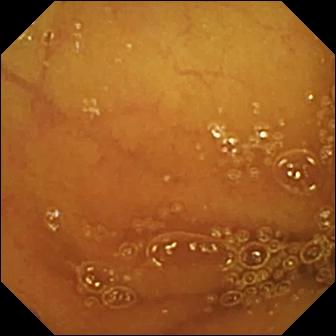Video capsule endoscopy. Small bowel. Luminal finding. Finding: normal clean mucosa.